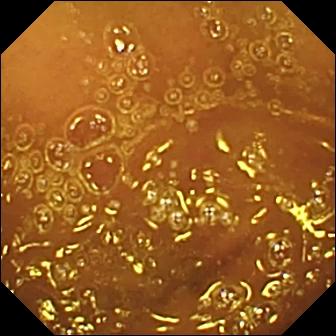Wireless capsule endoscopy image of the small bowel showing normal clean mucosa.